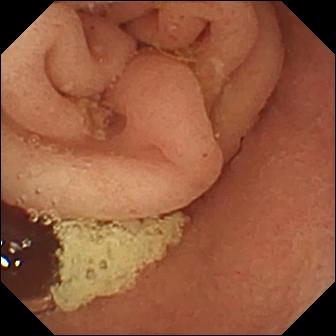- modality: VCE
- position: pylorus region (the junction between the stomach and the small bowel)